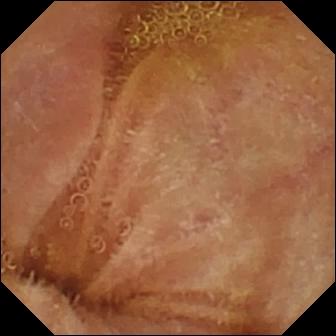VCE — normal clean mucosa.